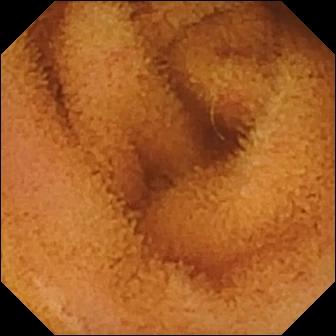Normal clean mucosa — small-bowel capsule endoscopy frame of the small intestine.